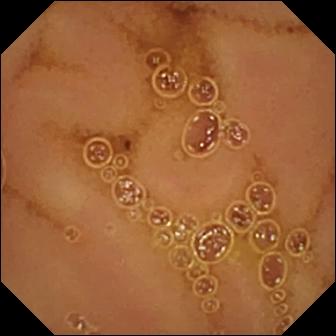WCE view of the small intestine showing normal clean mucosa.